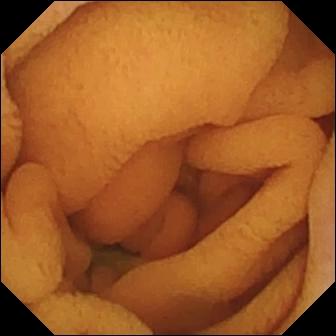VCE — normal clean mucosa.